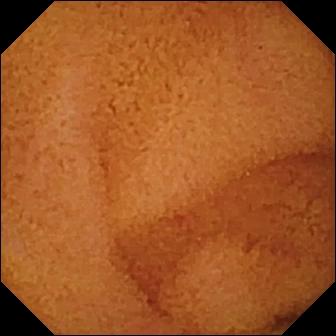PROCEDURE: Small-bowel capsule endoscopy.
SEGMENT: Small intestine.
FINDINGS: Normal clean mucosa.